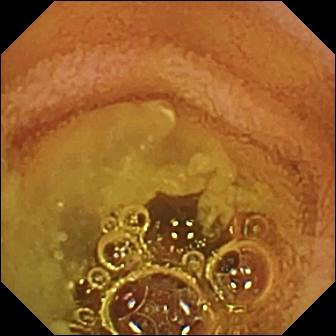PROCEDURE: Wireless capsule endoscopy.
FINDINGS: Normal clean mucosa.